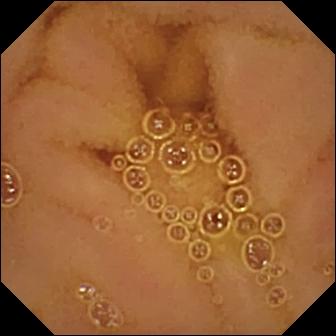WCE frame
Label: normal clean mucosa